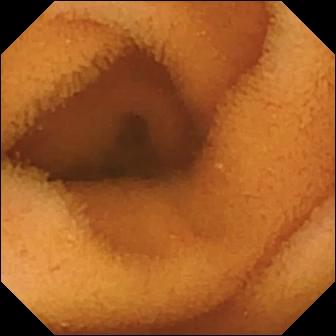Normal clean mucosa — capsule endoscopy frame of the small intestine.